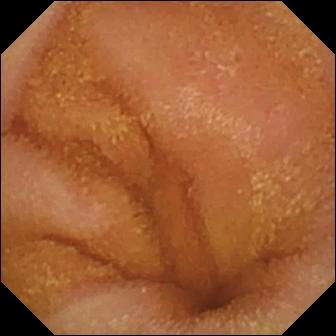This VCE snapshot shows normal clean mucosa.